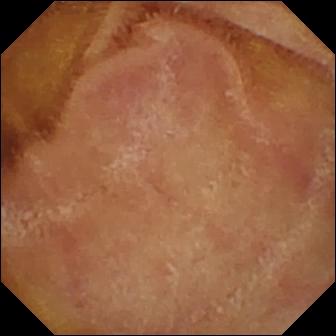- modality: small-bowel capsule endoscopy
- category: luminal finding
- label: normal clean mucosa